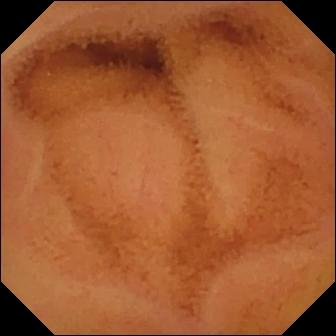{"modality": "wireless capsule endoscopy", "segment": "small bowel", "finding": "normal clean mucosa"}